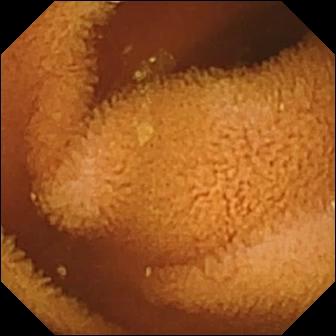VCE — normal clean mucosa.